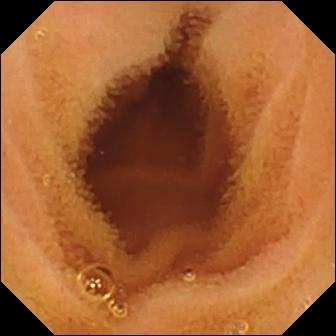- modality: VCE
- segment: small bowel
- label: normal clean mucosa